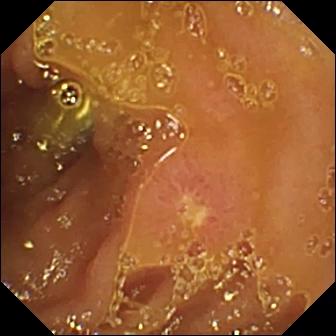modality: wireless capsule endoscopy; finding: ulcer